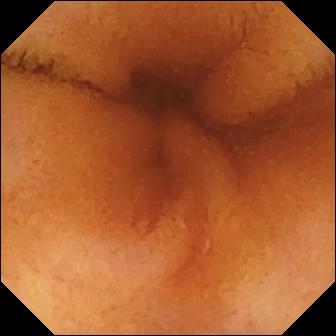Wireless capsule endoscopy frame of the small intestine showing normal clean mucosa.